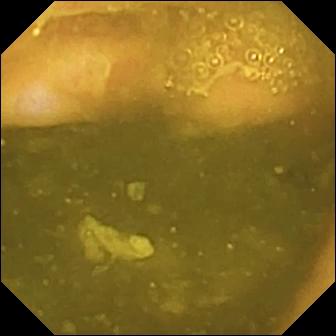PROCEDURE: Small-bowel capsule endoscopy.
LABEL: Ileo-cecal valve region (where the capsule passes from the small bowel into the large bowel).